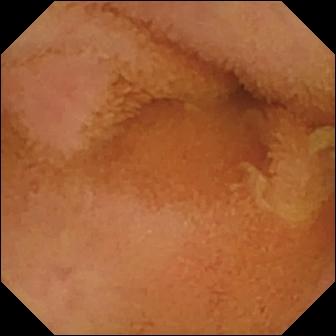Small-bowel capsule endoscopy image. Normal clean mucosa.